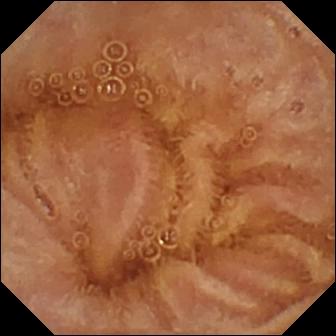PROCEDURE: VCE.
FINDINGS: Normal clean mucosa.